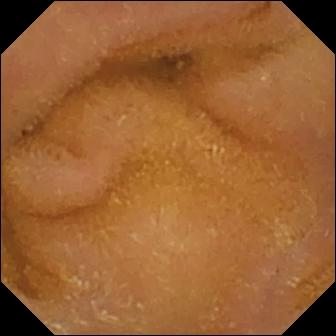Small-bowel capsule endoscopy image showing normal clean mucosa.